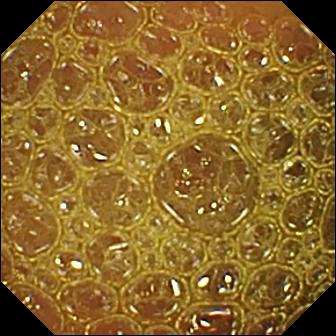Wireless capsule endoscopy — reduced mucosal view (content or bubbles obscuring the mucosa).